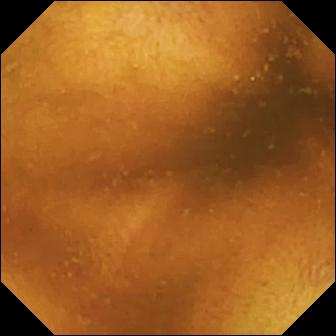PROCEDURE: WCE.
SEGMENT: Small intestine.
FINDINGS: Normal clean mucosa.